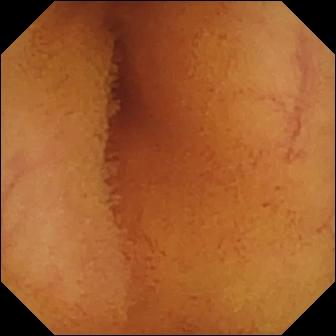Normal clean mucosa — wireless capsule endoscopy frame of the small bowel.